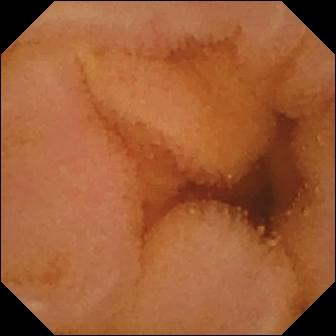modality: WCE | finding: normal clean mucosa